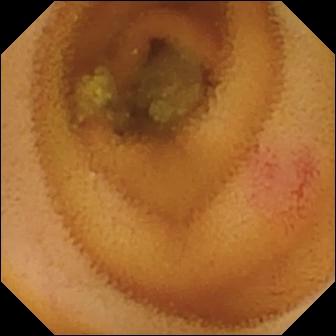{"modality": "capsule endoscopy", "finding": "angiectasia"}